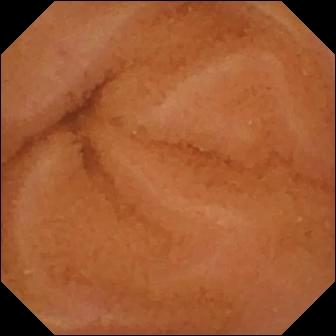PROCEDURE: Video capsule endoscopy.
SEGMENT: Small intestine.
FINDINGS: Normal clean mucosa.